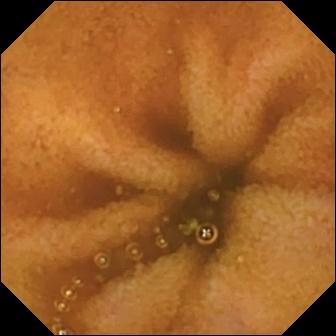Wireless capsule endoscopy. Finding: normal clean mucosa.